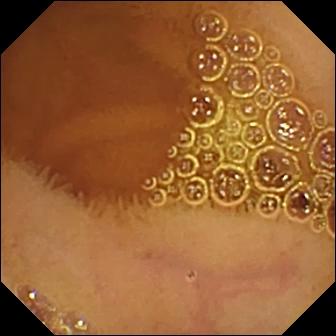Normal clean mucosa — WCE snapshot.